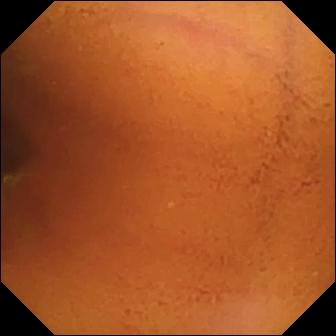This small-bowel capsule endoscopy image of the small bowel shows normal clean mucosa.